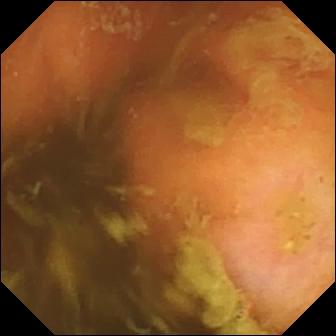Small-bowel capsule endoscopy image, 336×336. Taken in the ileo-cecal valve region (the transition from the small bowel to the large bowel).